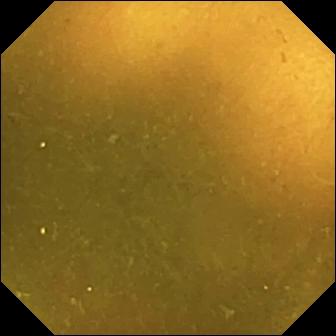{"modality": "video capsule endoscopy", "label": "ileo-cecal valve region (the transition from the small bowel to the large bowel)"}